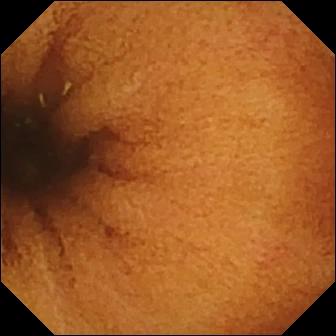- modality: video capsule endoscopy
- segment: small intestine
- finding: normal clean mucosa